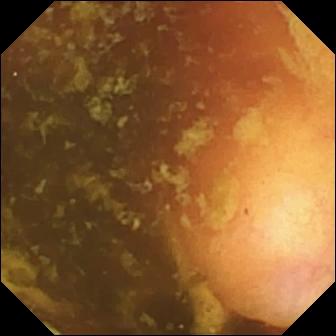Ileo-cecal valve region, 336×336.